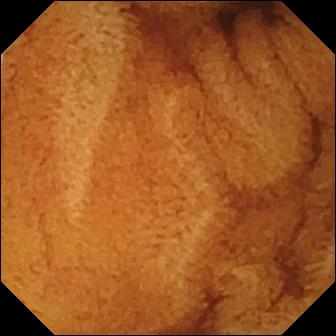PROCEDURE: VCE.
FINDINGS: Normal clean mucosa.